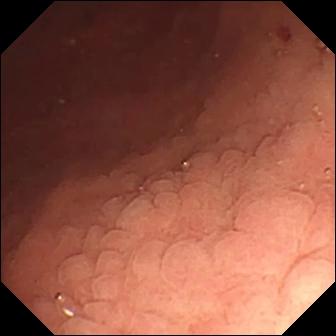{"modality": "WCE", "finding": "angiectasia"}